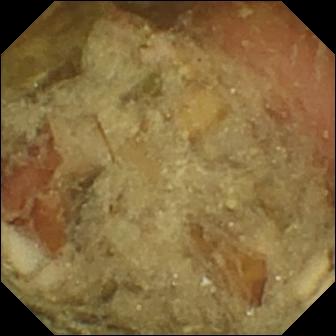Small-bowel capsule endoscopy frame
Video segment: pylorus region